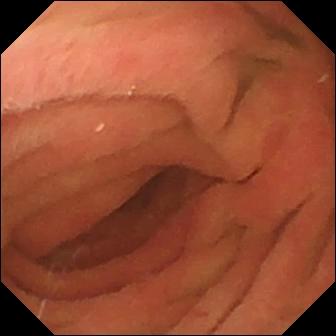Wireless capsule endoscopy snapshot
Position: pylorus region (where the capsule passes from the stomach into the small bowel)